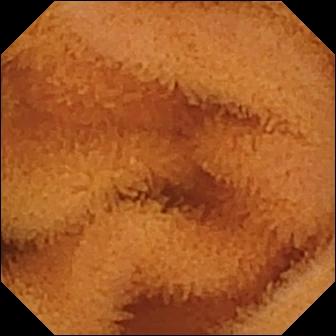Video capsule endoscopy — normal clean mucosa.